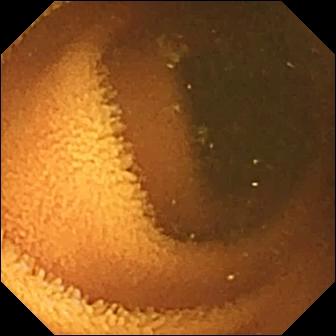{"modality": "capsule endoscopy", "segment": "small bowel", "finding": "normal clean mucosa"}